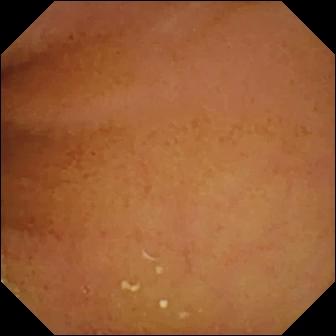WCE — normal clean mucosa.